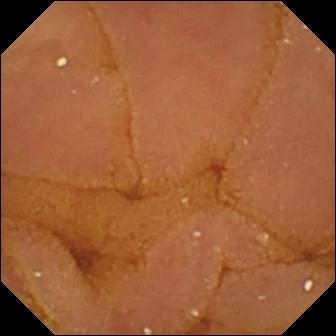This VCE snapshot shows normal clean mucosa.